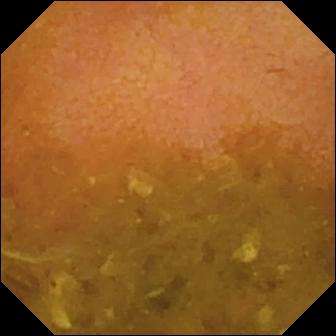Q: What does this VCE still of the small bowel show?
A: Reduced mucosal view (content or bubbles obscuring the mucosa).